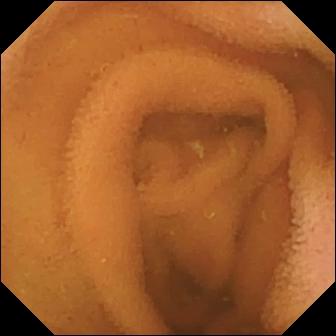modality: small-bowel capsule endoscopy; segment: small intestine; observation: normal clean mucosa